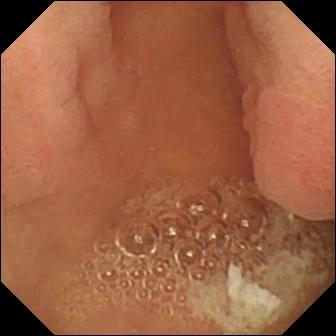- modality: WCE
- category: anatomical landmark
- location: pylorus region (the junction between the stomach and the small bowel)